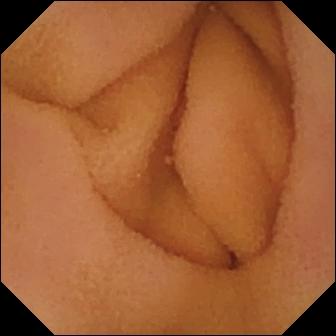VCE image, small bowel
Observation: normal clean mucosa